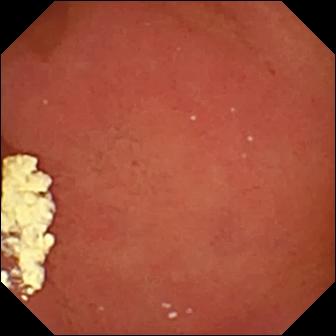This capsule endoscopy still was taken in the pylorus region (the junction between the stomach and the small bowel).